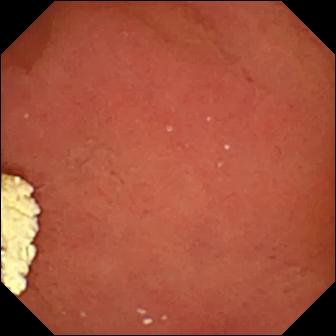WCE. Location: pylorus region.